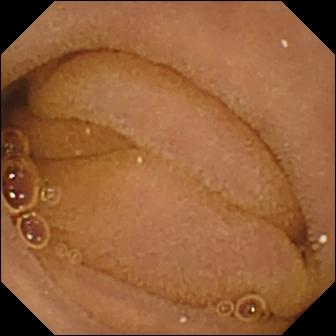This small-bowel capsule endoscopy still shows normal clean mucosa.